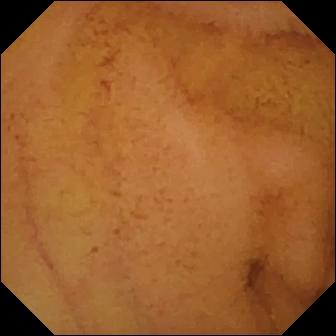modality: VCE; category: luminal finding; observation: normal clean mucosa